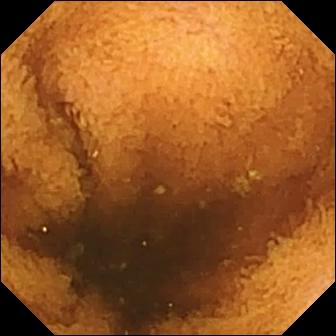Normal clean mucosa.